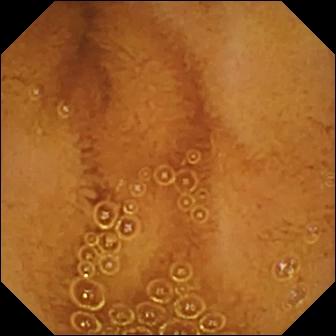Video capsule endoscopy frame of the small bowel showing normal clean mucosa.